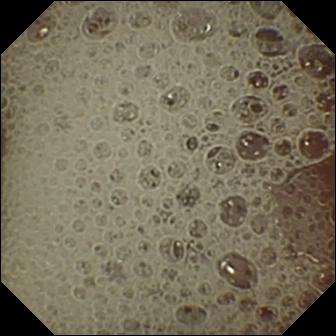{"modality": "WCE", "location": "pylorus region"}